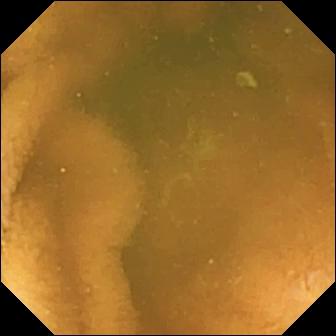Video capsule endoscopy still, small intestine
Observation: normal clean mucosa